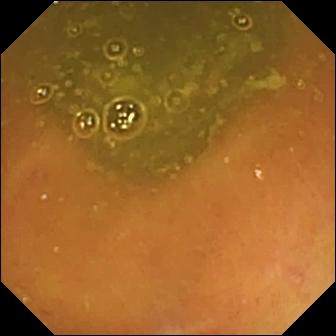Q: Where in the digestive tract was this WCE snapshot taken?
A: Ileo-cecal valve region (where the capsule passes from the small bowel into the large bowel).